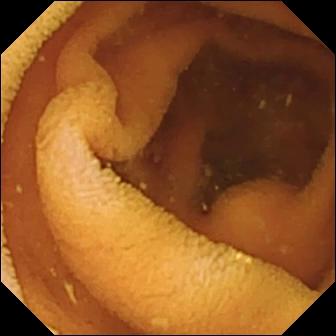- modality: WCE
- segment: small bowel
- category: luminal finding
- finding: normal clean mucosa